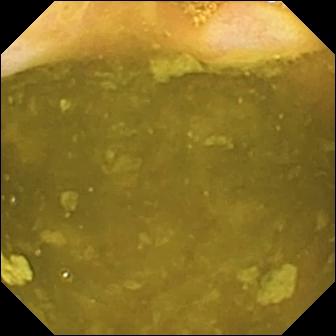- modality: capsule endoscopy
- category: anatomical landmark
- position: ileo-cecal valve region (the transition from the small bowel to the large bowel)